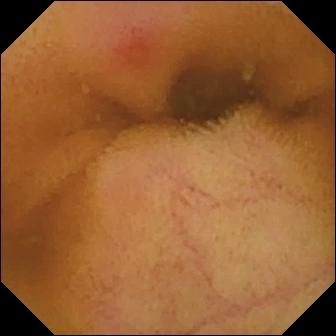Video capsule endoscopy — erythema (mucosal redness).